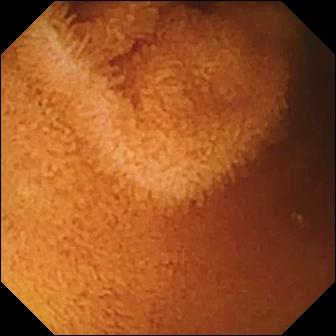PROCEDURE: Capsule endoscopy.
SEGMENT: Small intestine.
FINDINGS: Normal clean mucosa.